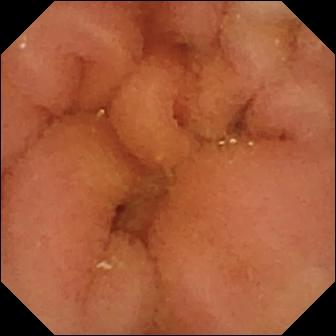modality: WCE | label: normal clean mucosa